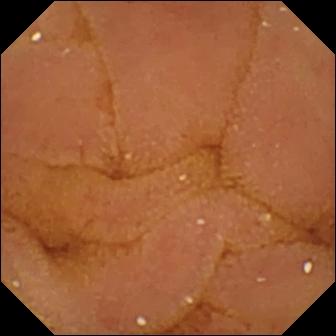Wireless capsule endoscopy still, small intestine
Finding: normal clean mucosa